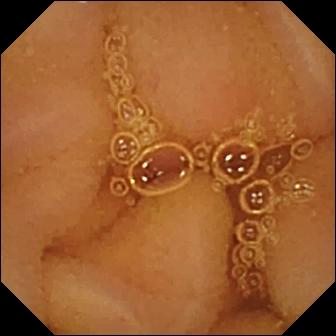- modality: capsule endoscopy
- impression: normal clean mucosa